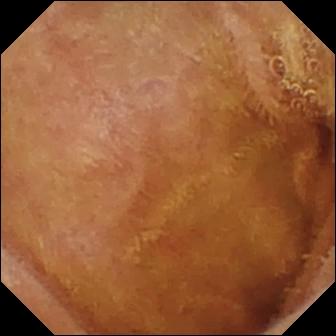This wireless capsule endoscopy still shows normal clean mucosa.